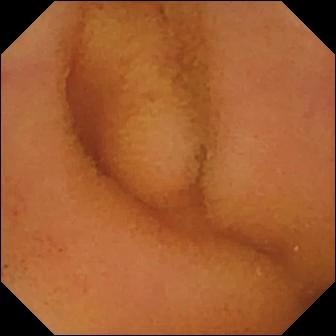Capsule endoscopy — normal clean mucosa.